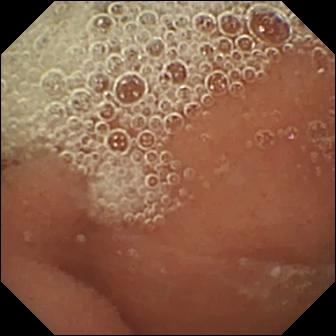Q: What does this WCE view of the small intestine show?
A: Normal clean mucosa.